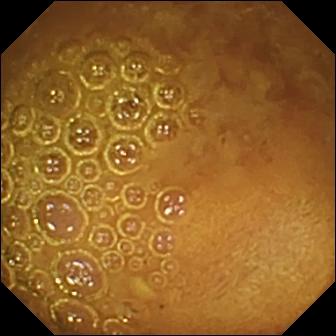Capsule endoscopy frame, small intestine
Observation: reduced mucosal view (content or bubbles obscuring the mucosa)